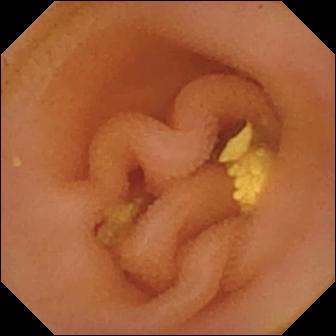- modality: video capsule endoscopy
- impression: lymphangiectasia